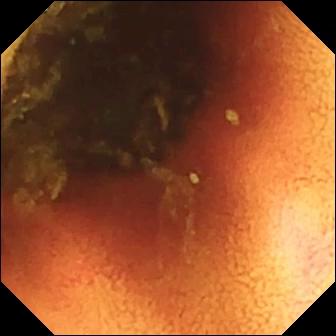modality: VCE; video segment: ileo-cecal valve region (where the capsule passes from the small bowel into the large bowel)